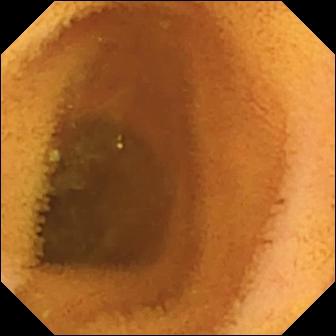Normal clean mucosa — video capsule endoscopy image.